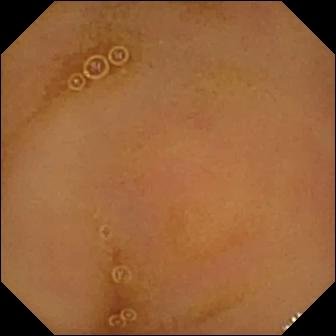{"modality": "small-bowel capsule endoscopy", "finding": "normal clean mucosa"}